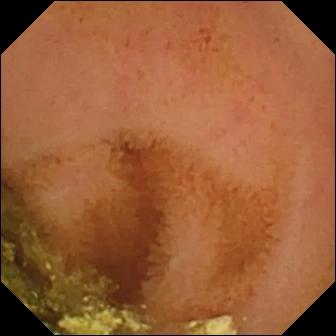PROCEDURE: Capsule endoscopy.
SEGMENT: Small bowel.
FINDINGS: Normal clean mucosa.